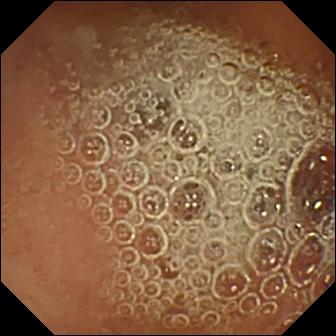This WCE still shows normal clean mucosa.